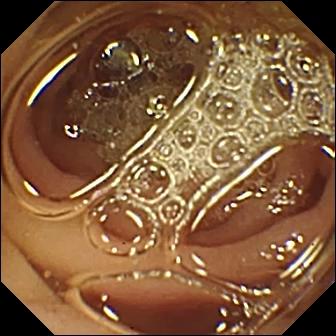Capsule endoscopy frame
Location: pylorus region (where the capsule passes from the stomach into the small bowel)